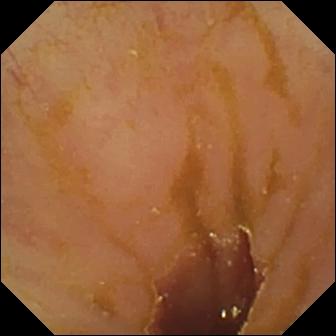Video capsule endoscopy frame
Label: ileo-cecal valve region (where the capsule passes from the small bowel into the large bowel)